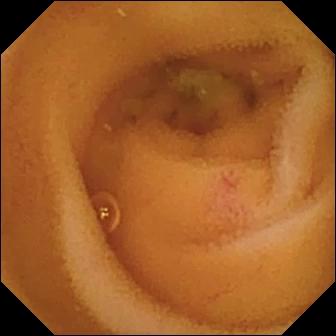Angiectasia — VCE snapshot.